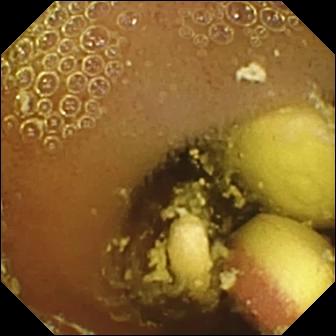This video capsule endoscopy view shows foreign body (e.g. retained capsule, tablet residue).